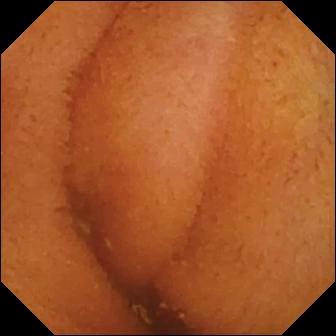Normal clean mucosa — wireless capsule endoscopy snapshot.